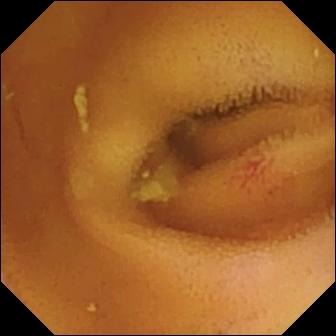modality: VCE | impression: angiectasia